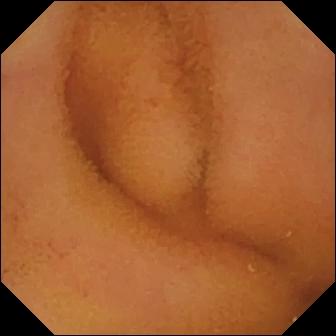Normal clean mucosa — wireless capsule endoscopy image.